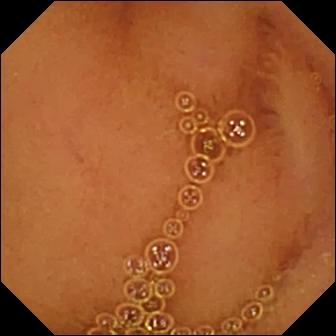Normal clean mucosa — WCE image.